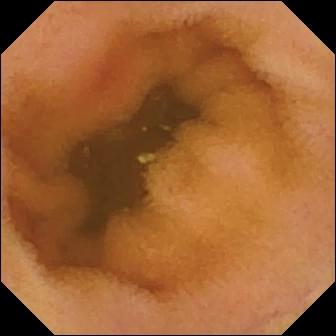Erythema (mucosal redness).